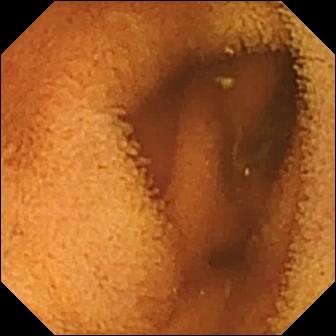{"modality": "small-bowel capsule endoscopy", "segment": "small intestine", "category": "luminal finding", "finding": "normal clean mucosa"}